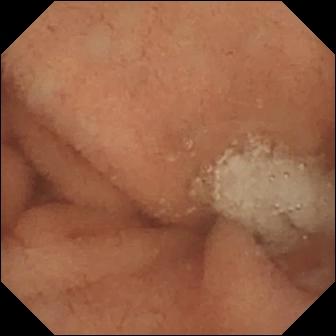Video capsule endoscopy. Small intestine. Luminal finding. Observation: normal clean mucosa.